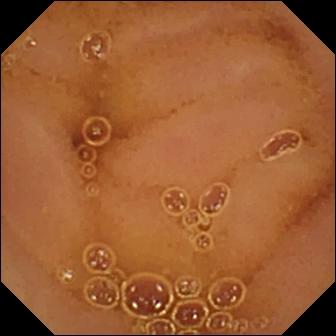WCE image of the small intestine showing normal clean mucosa.